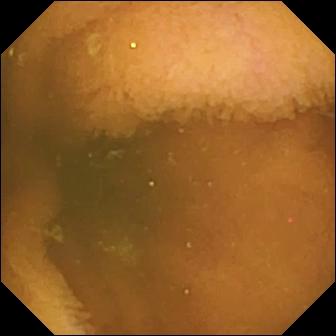Video capsule endoscopy. Luminal finding. Impression: normal clean mucosa.